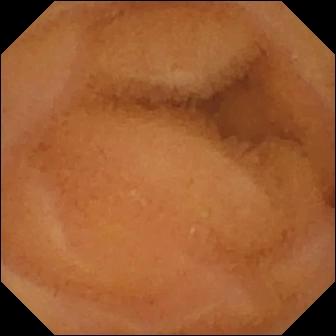Small-bowel capsule endoscopy. Label: normal clean mucosa.